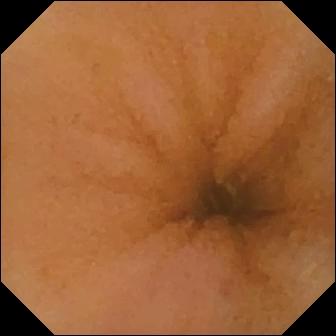WCE view of the small intestine showing normal clean mucosa.